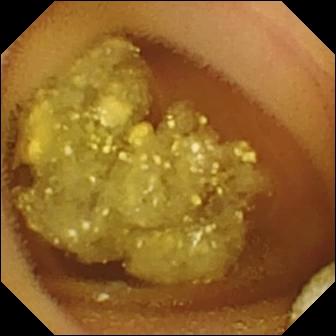Wireless capsule endoscopy snapshot. Lymphangiectasia.